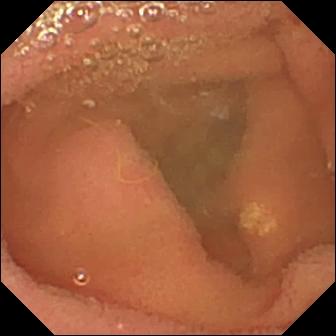WCE frame showing lymphangiectasia.